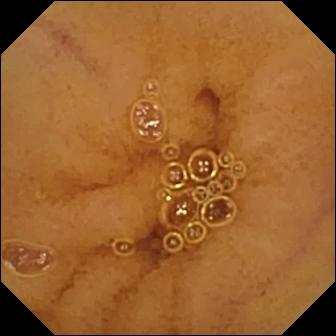modality: WCE | category: luminal finding | label: normal clean mucosa